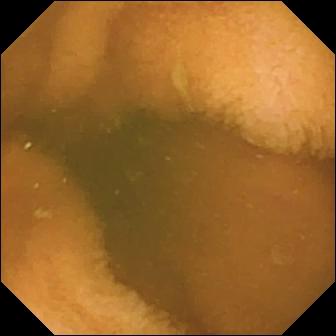Normal clean mucosa (336×336).